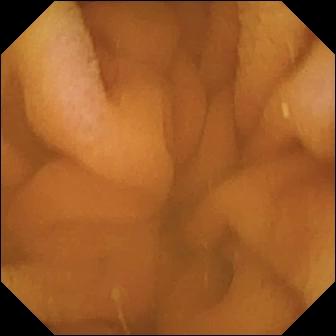- modality: small-bowel capsule endoscopy
- segment: small intestine
- impression: normal clean mucosa